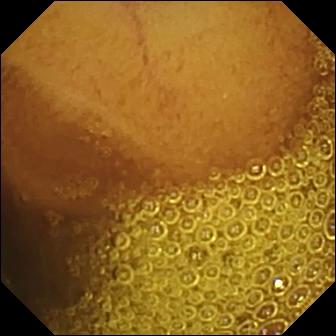This capsule endoscopy image of the small intestine shows normal clean mucosa.